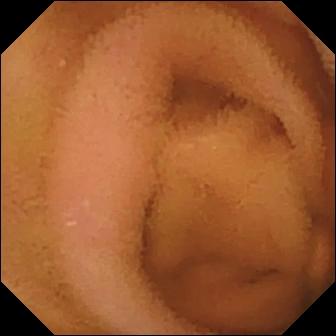Video capsule endoscopy. Small bowel. Finding: normal clean mucosa.